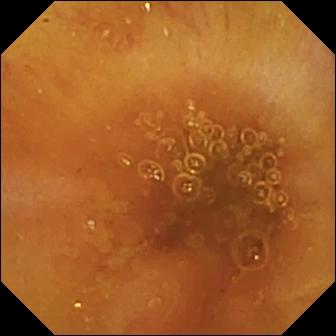Ileo-cecal valve region (the transition from the small bowel to the large bowel) — capsule endoscopy snapshot.